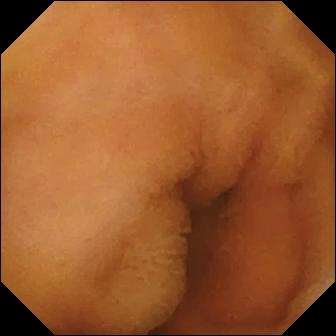PROCEDURE: Wireless capsule endoscopy.
SEGMENT: Small bowel.
FINDINGS: Normal clean mucosa.